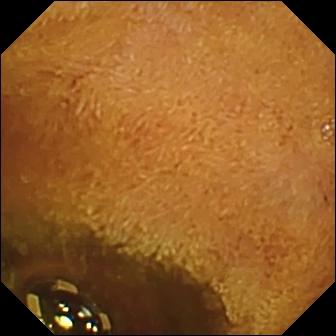modality: video capsule endoscopy | impression: foreign body (e.g. retained capsule, tablet residue)